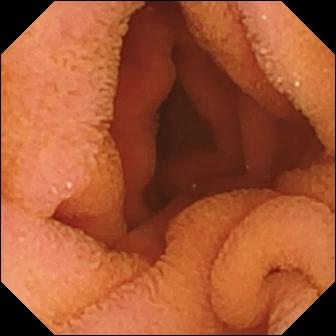VCE frame
Impression: normal clean mucosa